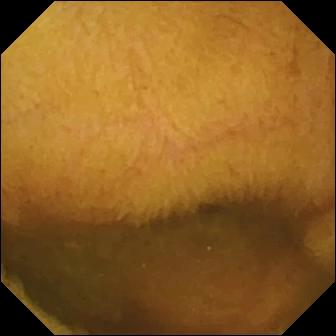Wireless capsule endoscopy. Finding: normal clean mucosa.